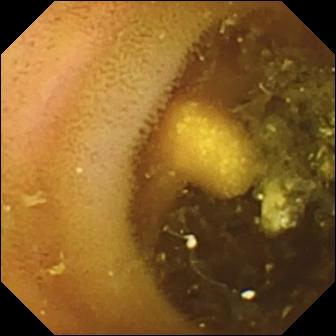PROCEDURE: Small-bowel capsule endoscopy.
FINDINGS: Lymphangiectasia.